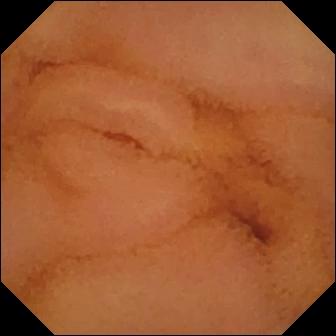Q: What does this wireless capsule endoscopy snapshot show?
A: Normal clean mucosa.